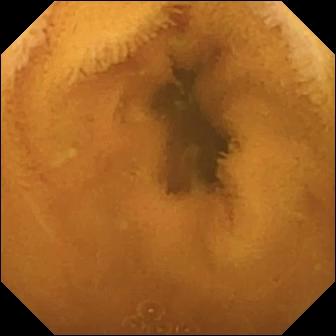modality: VCE | segment: small bowel | category: luminal finding | impression: normal clean mucosa